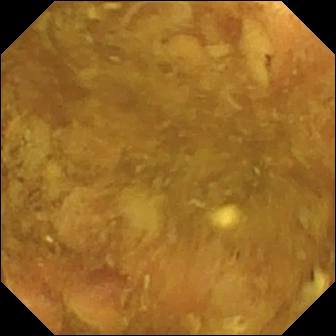Video capsule endoscopy still. Reduced mucosal view (content or bubbles obscuring the mucosa).